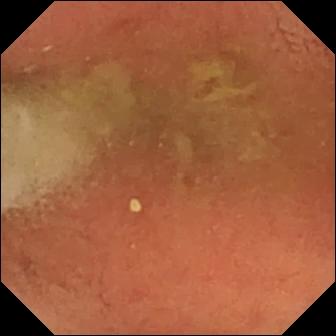PROCEDURE: VCE.
LABEL: Pylorus region (where the capsule passes from the stomach into the small bowel).